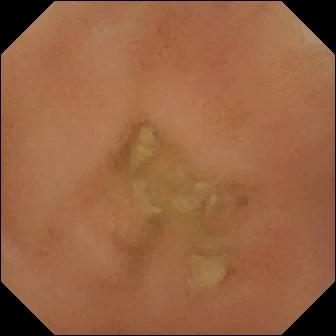Q: What does this VCE frame of the small intestine show?
A: Normal clean mucosa.